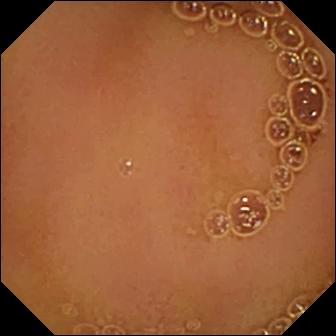Q: What does this WCE image of the small intestine show?
A: Normal clean mucosa.